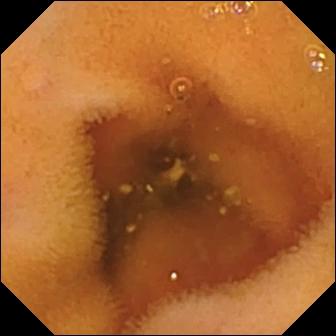Wireless capsule endoscopy frame
Finding: normal clean mucosa